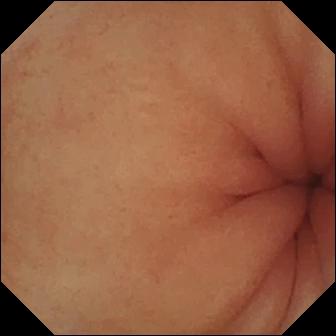PROCEDURE: Wireless capsule endoscopy.
LOCATION: Pylorus region (where the capsule passes from the stomach into the small bowel).